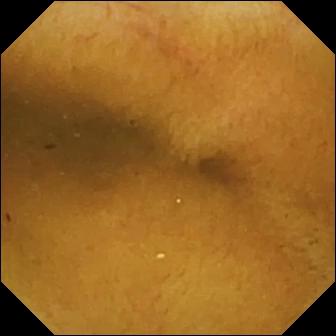- modality: small-bowel capsule endoscopy
- label: normal clean mucosa